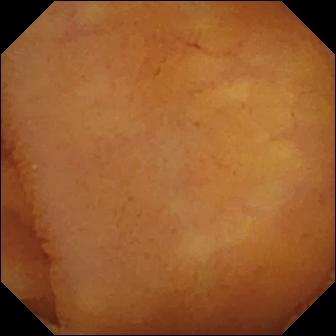VCE image of the small bowel showing normal clean mucosa.